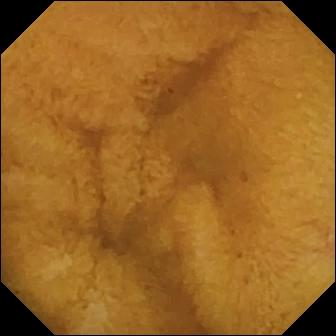Q: What does this video capsule endoscopy frame of the small bowel show?
A: Normal clean mucosa.